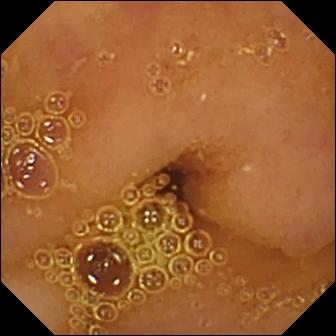PROCEDURE: Small-bowel capsule endoscopy.
FINDINGS: Normal clean mucosa.